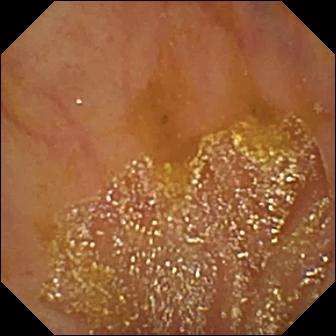Ileo-cecal valve region (the transition from the small bowel to the large bowel).